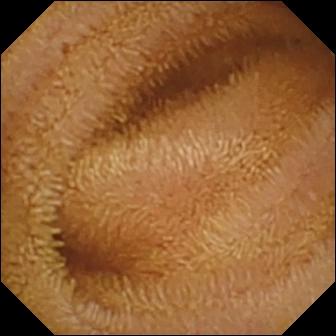modality: VCE; observation: normal clean mucosa